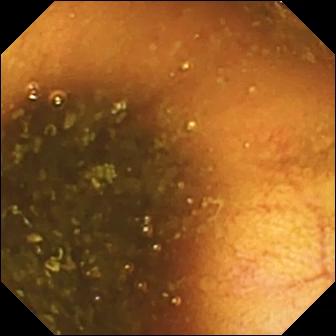PROCEDURE: Small-bowel capsule endoscopy.
POSITION: Ileo-cecal valve region.